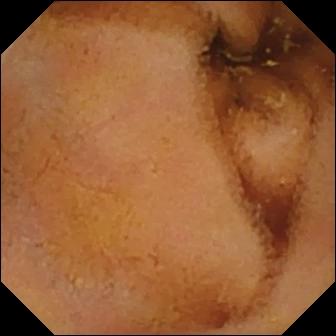PROCEDURE: Wireless capsule endoscopy.
FINDINGS: Normal clean mucosa.